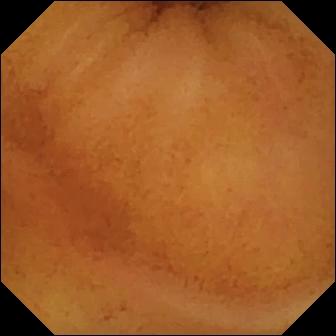This WCE image shows normal clean mucosa.